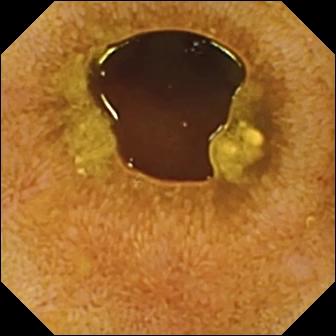Ileo-cecal valve region — WCE snapshot.